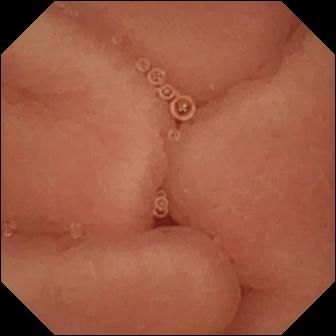Pylorus region.